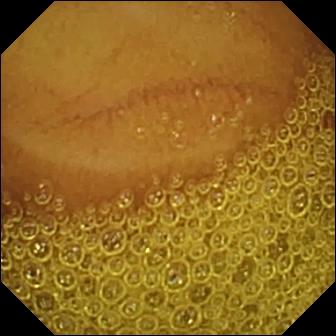- modality: WCE
- impression: normal clean mucosa